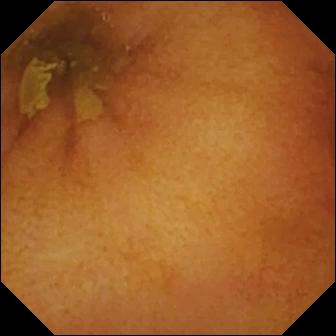VCE image showing normal clean mucosa.